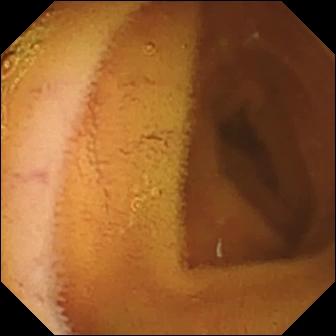WCE frame showing normal clean mucosa.